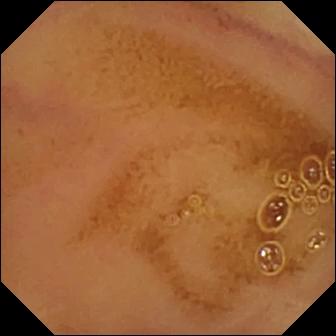This VCE snapshot of the small intestine shows normal clean mucosa.